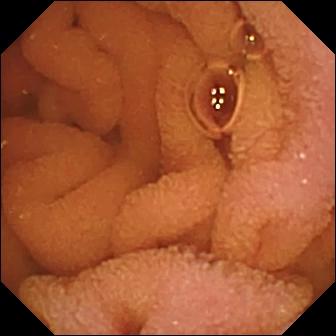Normal clean mucosa — video capsule endoscopy image of the small bowel.